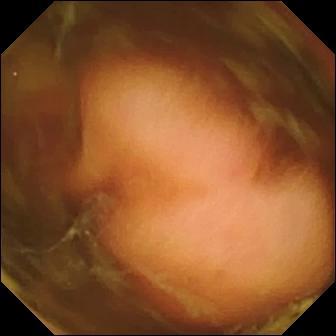{"modality": "capsule endoscopy", "finding": "polyp"}